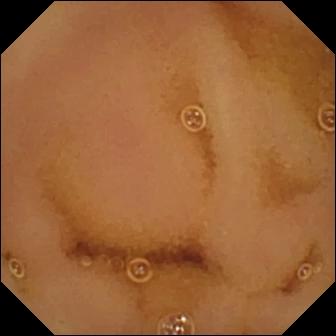PROCEDURE: Wireless capsule endoscopy.
SEGMENT: Small intestine.
FINDINGS: Normal clean mucosa.